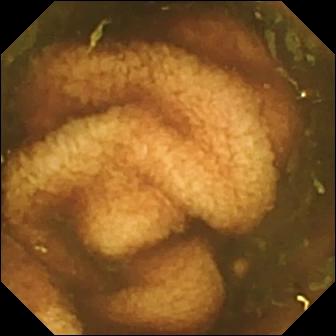Small-bowel capsule endoscopy image, 336×336. Taken in the ileo-cecal valve region (where the capsule passes from the small bowel into the large bowel).